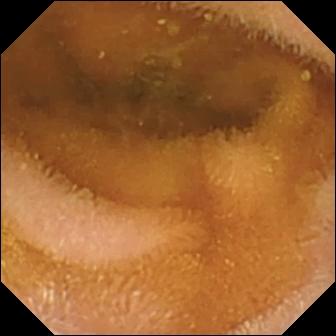Wireless capsule endoscopy — normal clean mucosa.